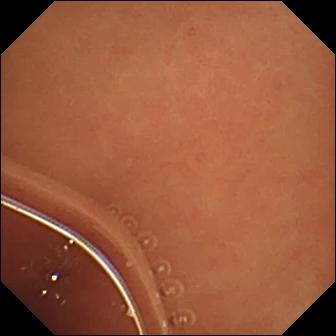modality: small-bowel capsule endoscopy
category: luminal finding
impression: normal clean mucosa